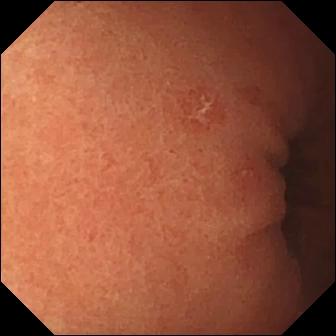Capsule endoscopy — erosion.